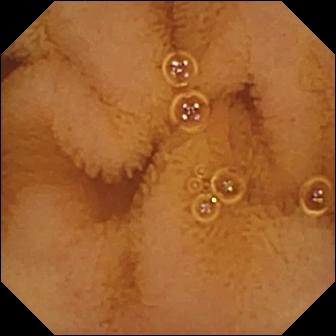Wireless capsule endoscopy still, 336×336. Normal clean mucosa.